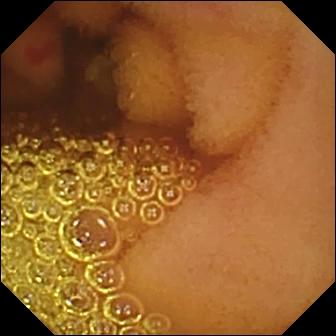- modality: WCE
- observation: angiectasia